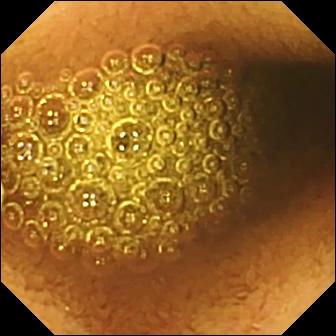{"modality": "VCE", "finding": "reduced mucosal view (content or bubbles obscuring the mucosa)"}